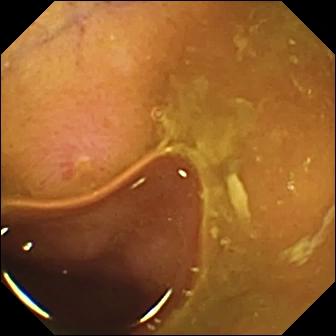Erosion (336×336).